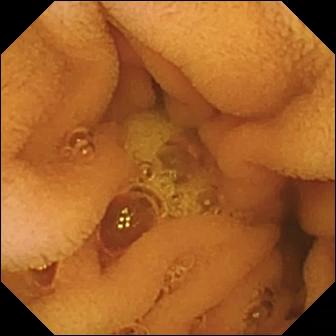Normal clean mucosa — WCE view of the small intestine.